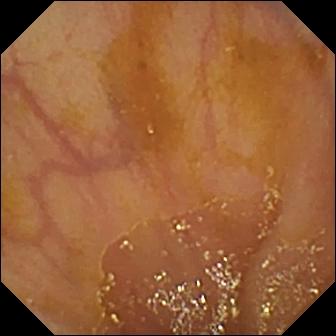- modality: WCE
- video segment: ileo-cecal valve region (the transition from the small bowel to the large bowel)